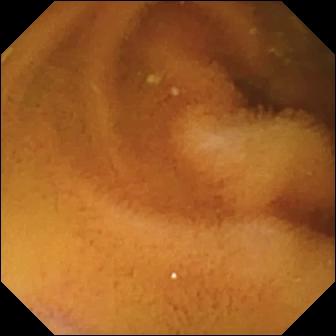{"modality": "video capsule endoscopy", "segment": "small intestine", "category": "luminal finding", "finding": "normal clean mucosa"}